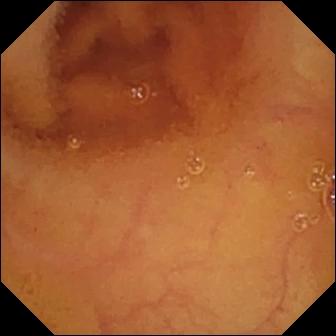Normal clean mucosa — VCE still of the small bowel.